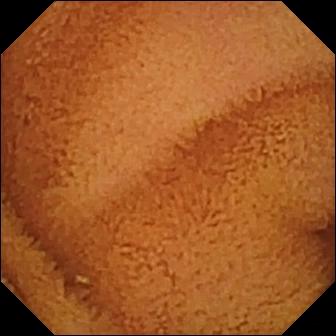WCE. Small intestine. Observation: normal clean mucosa.